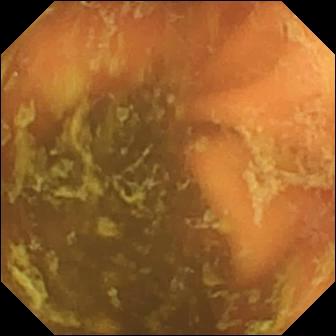Wireless capsule endoscopy image taken in the ileo-cecal valve region (where the capsule passes from the small bowel into the large bowel).